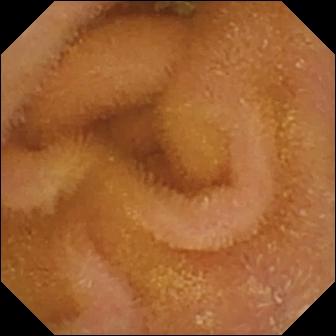PROCEDURE: WCE.
SEGMENT: Small intestine.
FINDINGS: Normal clean mucosa.